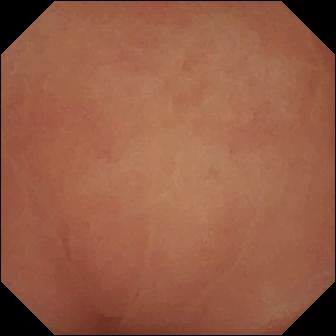Capsule endoscopy view
Location: pylorus region (the junction between the stomach and the small bowel)